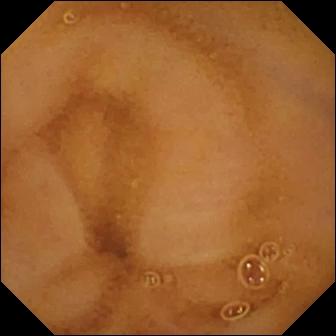{"modality": "video capsule endoscopy", "finding": "normal clean mucosa"}